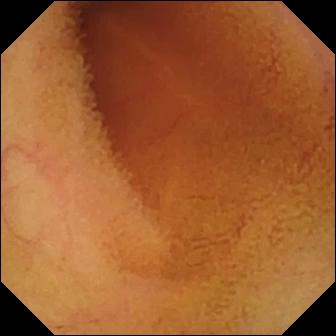Normal clean mucosa.